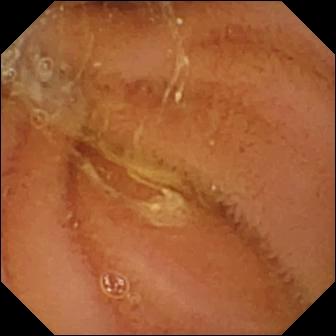This WCE view shows normal clean mucosa.